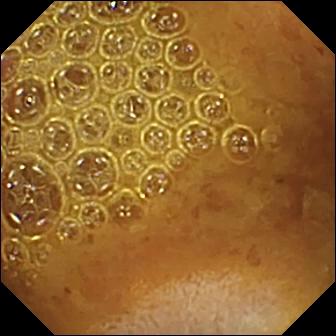Wireless capsule endoscopy — reduced mucosal view (content or bubbles obscuring the mucosa).